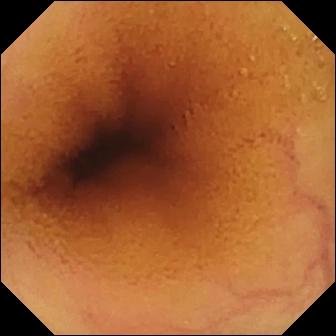Wireless capsule endoscopy — normal clean mucosa.